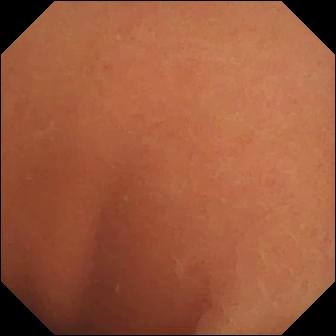Small-bowel capsule endoscopy — normal clean mucosa.